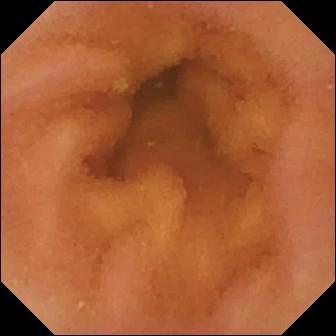{"modality": "VCE", "finding": "normal clean mucosa"}